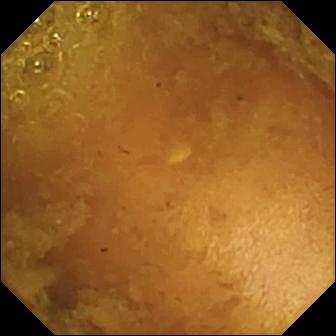Video capsule endoscopy still, small bowel
Finding: reduced mucosal view (content or bubbles obscuring the mucosa)